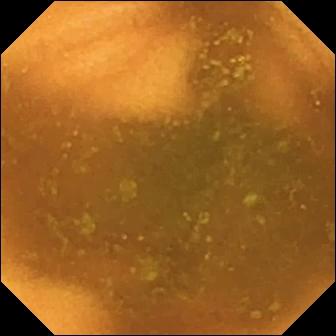Normal clean mucosa — VCE still of the small intestine.